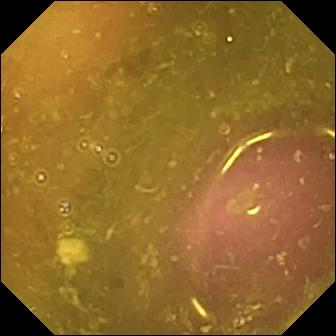Small-bowel capsule endoscopy image, small intestine
Finding: reduced mucosal view (content or bubbles obscuring the mucosa)